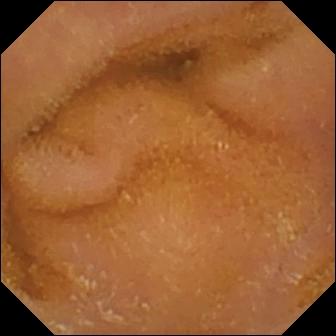Small-bowel capsule endoscopy still (small bowel). Normal clean mucosa.